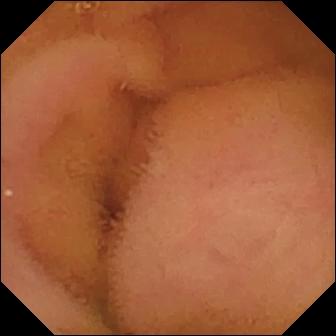modality: video capsule endoscopy; segment: small intestine; observation: normal clean mucosa